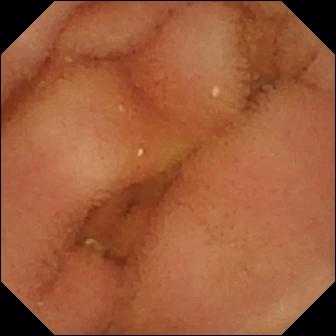PROCEDURE: Capsule endoscopy.
FINDINGS: Normal clean mucosa.